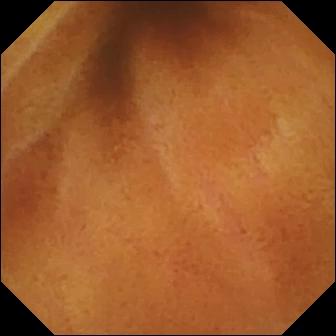Q: What does this small-bowel capsule endoscopy view show?
A: Normal clean mucosa.